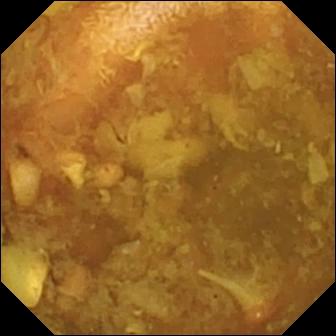modality: VCE | segment: small bowel | impression: reduced mucosal view (content or bubbles obscuring the mucosa)